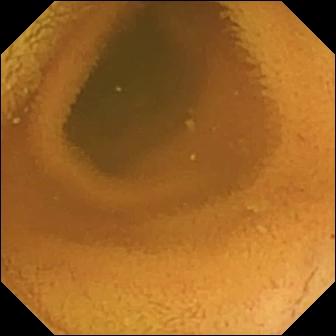- modality: VCE
- segment: small intestine
- label: normal clean mucosa